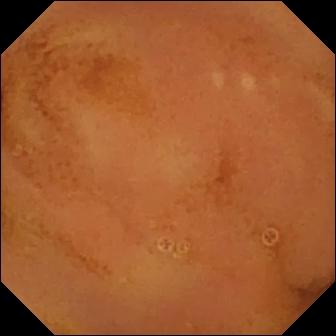PROCEDURE: VCE.
SEGMENT: Small bowel.
FINDINGS: Normal clean mucosa.